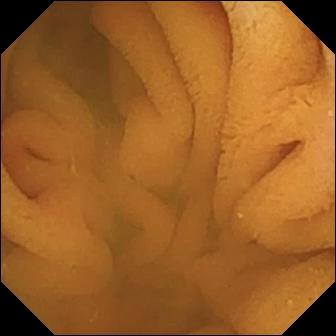Normal clean mucosa — wireless capsule endoscopy still.